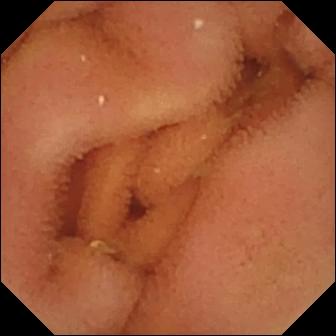- modality: WCE
- observation: normal clean mucosa